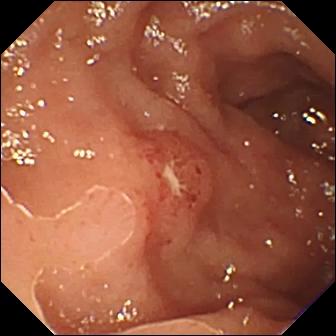VCE view showing ulcer.